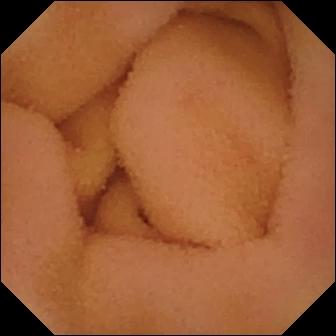Q: What does this capsule endoscopy view of the small intestine show?
A: Normal clean mucosa.